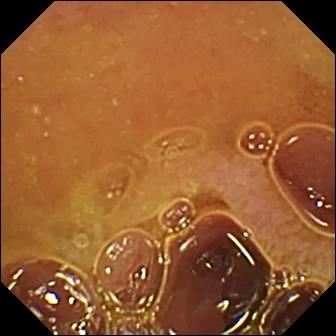Capsule endoscopy — normal clean mucosa.